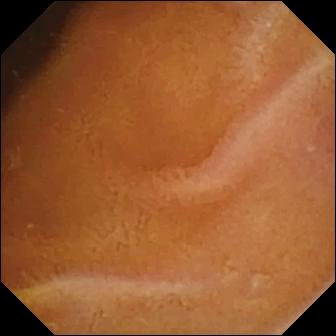Q: What does this WCE snapshot of the small bowel show?
A: Normal clean mucosa.